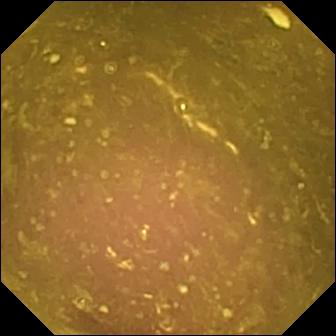{"modality": "video capsule endoscopy", "finding": "reduced mucosal view (content or bubbles obscuring the mucosa)"}